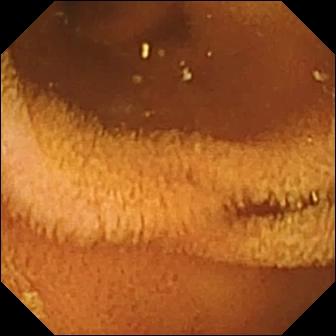modality: capsule endoscopy
finding: normal clean mucosa